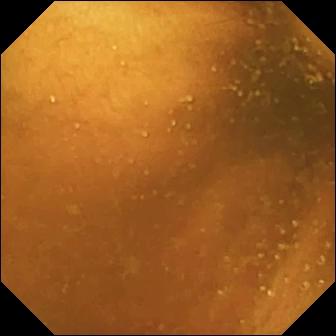Wireless capsule endoscopy snapshot, small intestine
Observation: normal clean mucosa